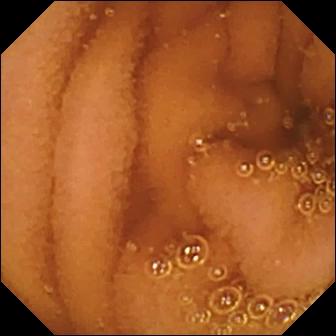Capsule endoscopy image
Observation: normal clean mucosa